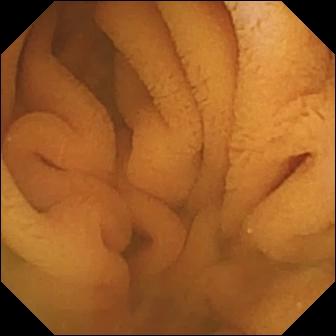VCE view showing normal clean mucosa.